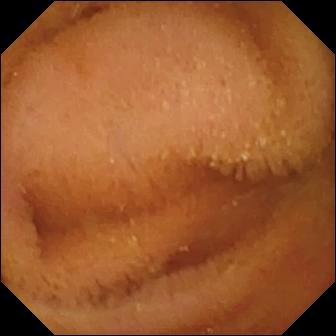This small-bowel capsule endoscopy still shows normal clean mucosa.